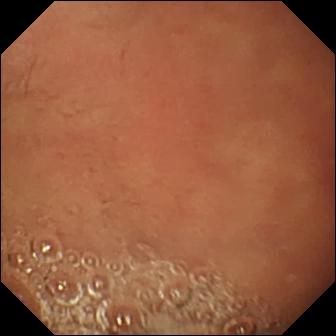Pylorus region — small-bowel capsule endoscopy snapshot.